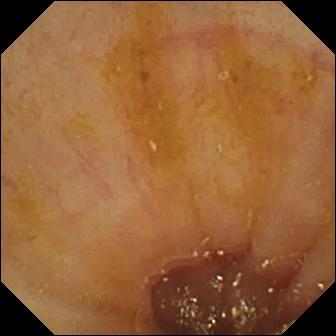Ileo-cecal valve region (the transition from the small bowel to the large bowel) — capsule endoscopy snapshot.